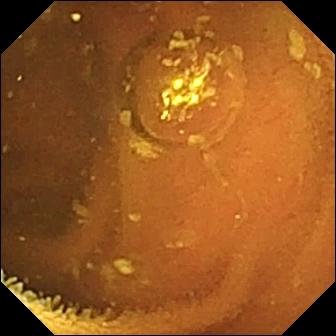PROCEDURE: Wireless capsule endoscopy.
SEGMENT: Small intestine.
FINDINGS: Normal clean mucosa.